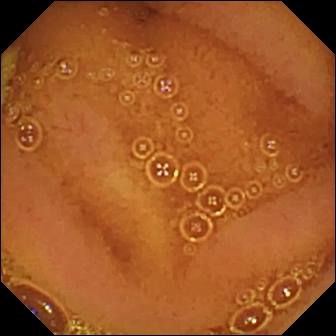PROCEDURE: Video capsule endoscopy.
FINDINGS: Normal clean mucosa.